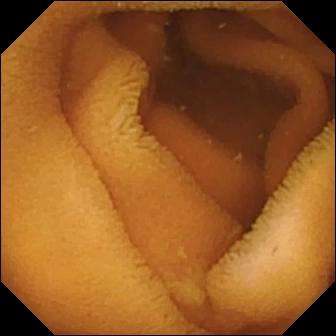Normal clean mucosa — wireless capsule endoscopy still of the small intestine.